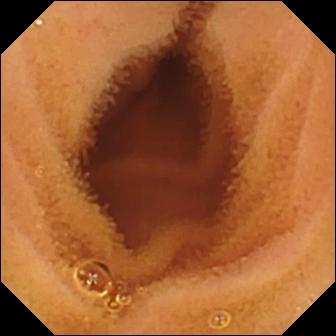- modality: video capsule endoscopy
- category: luminal finding
- observation: normal clean mucosa